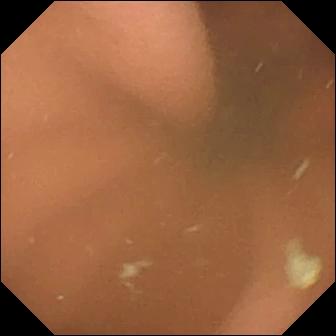Q: Where in the digestive tract was this capsule endoscopy view taken?
A: Pylorus region.